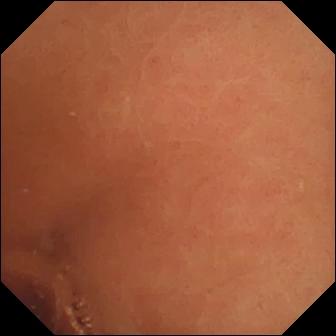{"modality": "small-bowel capsule endoscopy", "category": "luminal finding", "finding": "normal clean mucosa"}